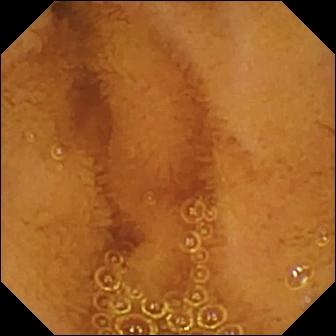- modality: video capsule endoscopy
- segment: small bowel
- category: luminal finding
- label: normal clean mucosa